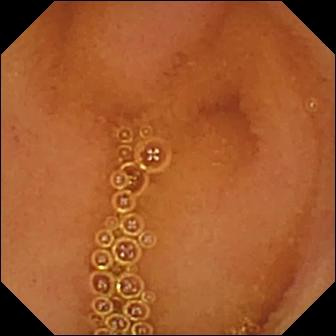Normal clean mucosa — capsule endoscopy still.